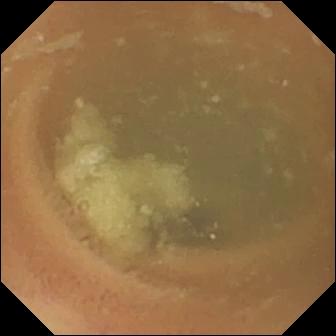Small-bowel capsule endoscopy. Small intestine. Observation: normal clean mucosa.